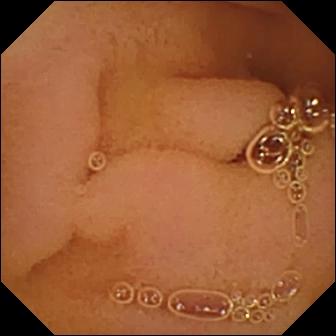PROCEDURE: VCE.
FINDINGS: Normal clean mucosa.